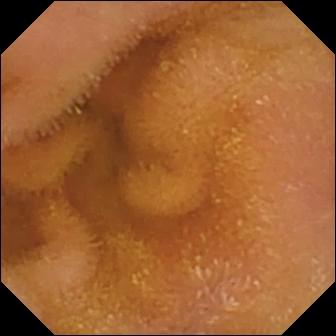Small-bowel capsule endoscopy snapshot. Normal clean mucosa.